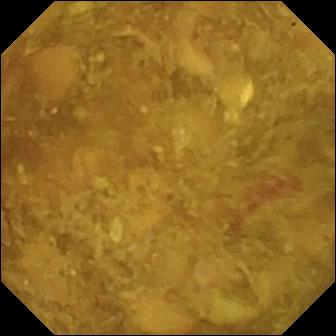Reduced mucosal view (content or bubbles obscuring the mucosa) (336×336).